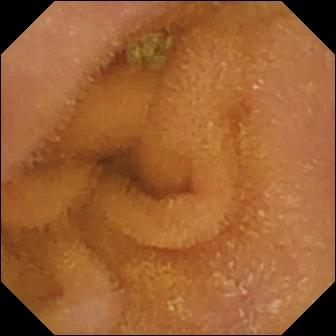Q: What does this capsule endoscopy view of the small bowel show?
A: Normal clean mucosa.